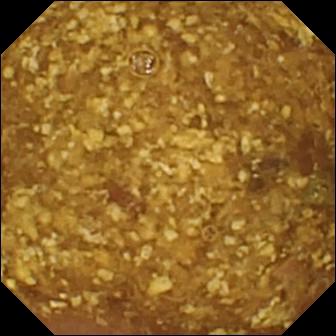VCE still
Finding: reduced mucosal view (content or bubbles obscuring the mucosa)